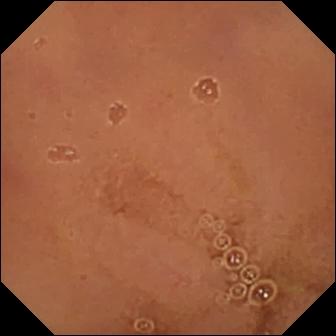- modality: small-bowel capsule endoscopy
- observation: normal clean mucosa